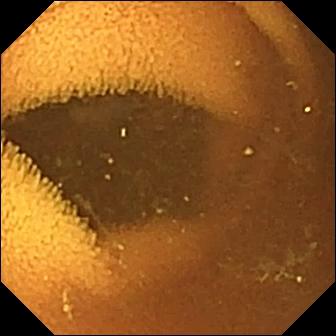Q: What does this small-bowel capsule endoscopy image show?
A: Normal clean mucosa.